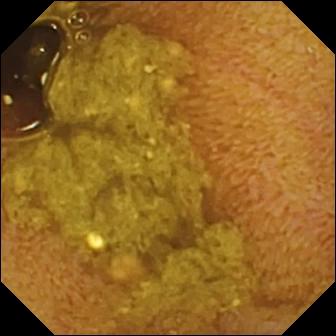PROCEDURE: VCE.
POSITION: Ileo-cecal valve region (the transition from the small bowel to the large bowel).